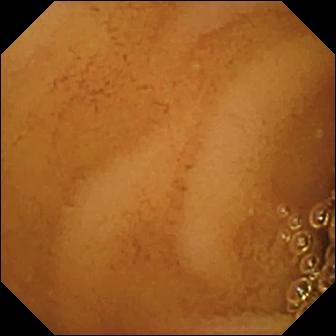modality: wireless capsule endoscopy; segment: small bowel; label: normal clean mucosa